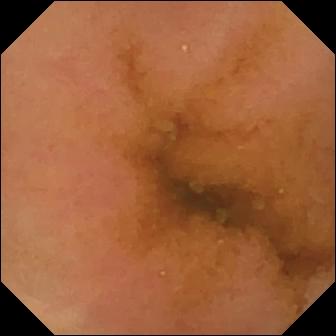This wireless capsule endoscopy still of the small bowel shows normal clean mucosa.